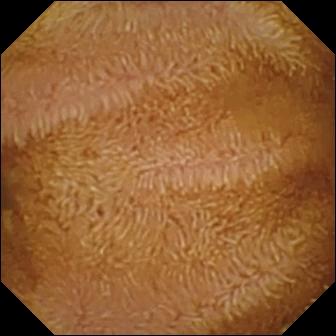VCE image
Finding: normal clean mucosa